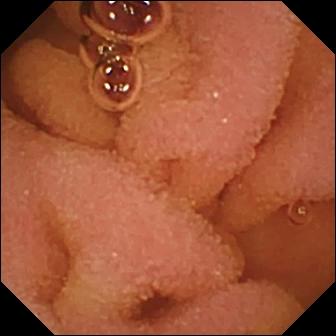VCE. Small bowel. Label: normal clean mucosa.